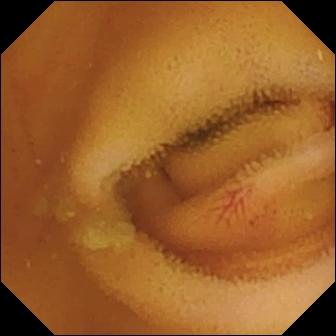PROCEDURE: Video capsule endoscopy.
FINDINGS: Angiectasia.